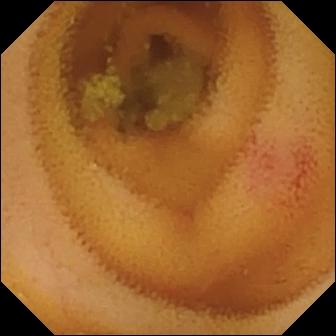This VCE snapshot shows angiectasia.